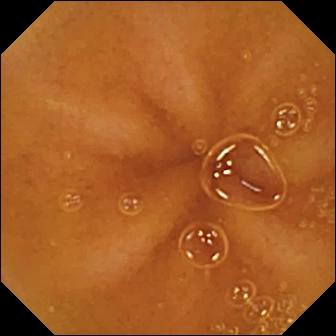{"modality": "WCE", "finding": "normal clean mucosa"}